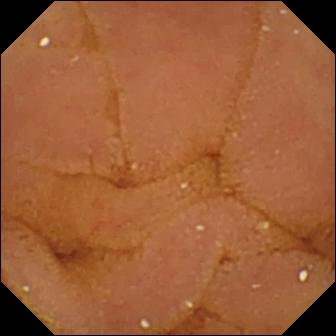Normal clean mucosa — VCE still.